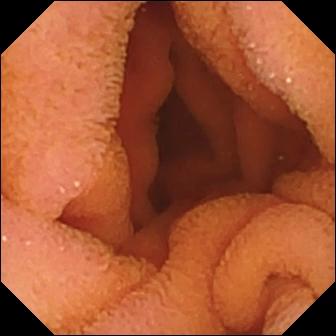Normal clean mucosa — capsule endoscopy image of the small intestine.